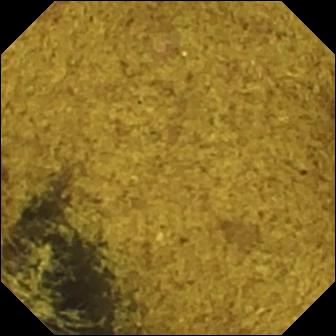Capsule endoscopy. Video segment: ileo-cecal valve region.